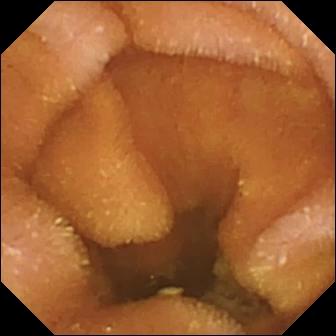PROCEDURE: VCE.
FINDINGS: Normal clean mucosa.